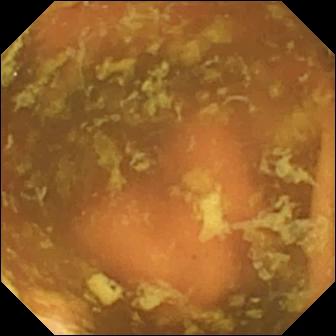WCE. Label: ileo-cecal valve region (the transition from the small bowel to the large bowel).